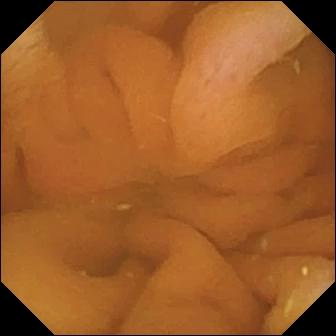This VCE snapshot shows normal clean mucosa.